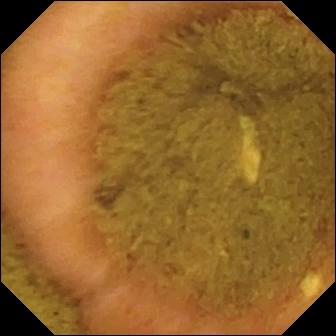{"modality": "small-bowel capsule endoscopy", "position": "ileo-cecal valve region (where the capsule passes from the small bowel into the large bowel)"}